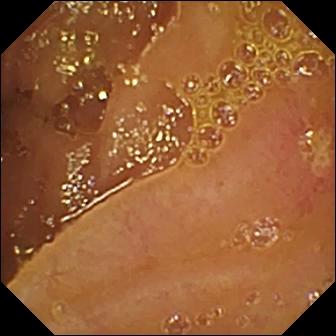VCE frame
Label: ulcer